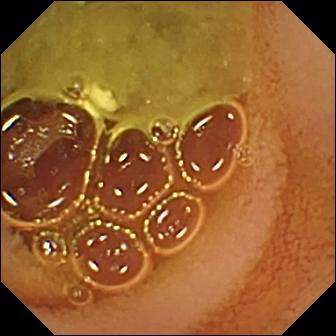modality: capsule endoscopy | category: luminal finding | observation: normal clean mucosa